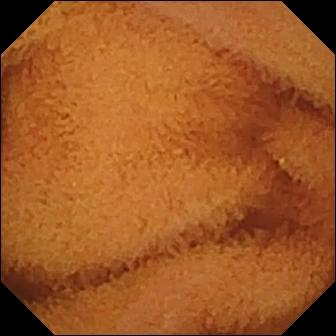This WCE still of the small intestine shows normal clean mucosa.